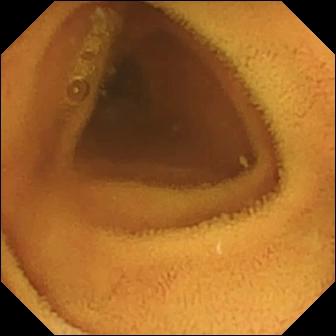- modality: small-bowel capsule endoscopy
- segment: small intestine
- impression: normal clean mucosa